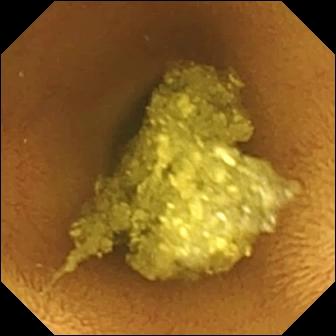Q: What does this small-bowel capsule endoscopy snapshot of the small intestine show?
A: Normal clean mucosa.